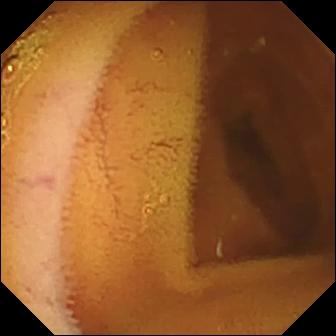{"modality": "VCE", "segment": "small bowel", "finding": "normal clean mucosa"}